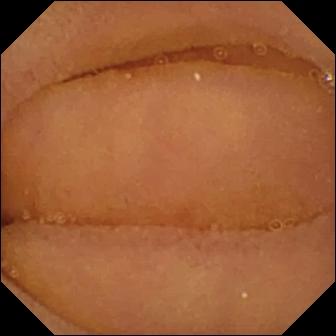Normal clean mucosa — wireless capsule endoscopy snapshot.